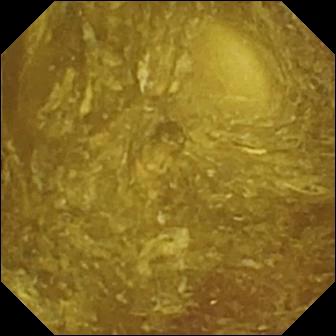Capsule endoscopy image showing reduced mucosal view (content or bubbles obscuring the mucosa).